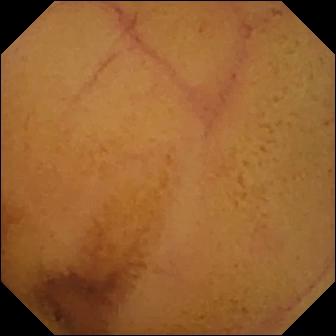Normal clean mucosa (336×336).